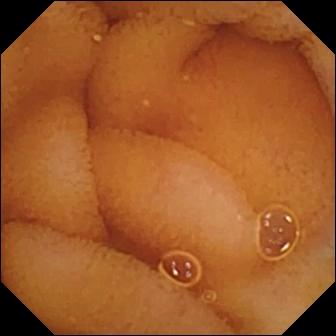WCE. Small bowel. Impression: normal clean mucosa.